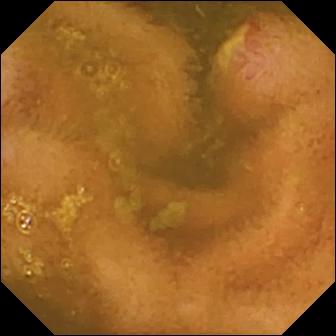Video capsule endoscopy frame. Ulcer.